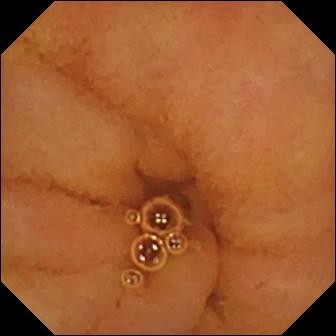modality: video capsule endoscopy; category: luminal finding; observation: normal clean mucosa